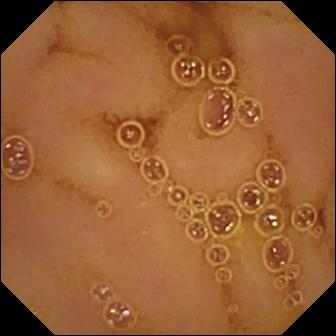{"modality": "capsule endoscopy", "segment": "small bowel", "category": "luminal finding", "finding": "normal clean mucosa"}